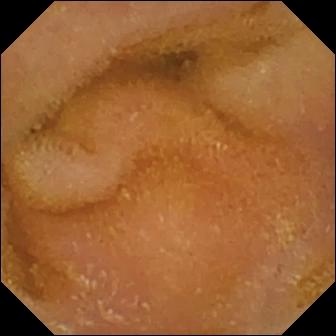Normal clean mucosa — VCE snapshot.